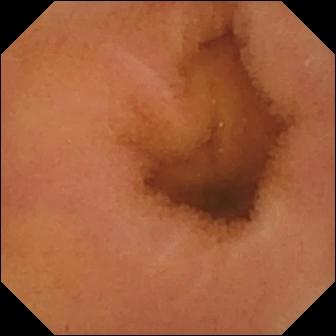This VCE still of the small intestine shows normal clean mucosa.